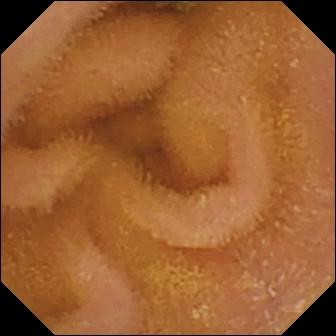Normal clean mucosa — capsule endoscopy frame.